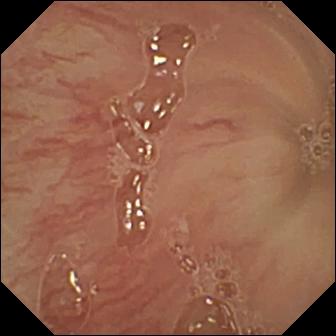Pylorus region (the junction between the stomach and the small bowel) — wireless capsule endoscopy image.